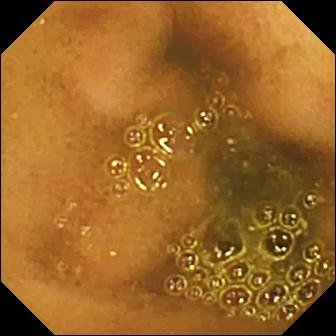- modality: WCE
- position: ileo-cecal valve region (the transition from the small bowel to the large bowel)